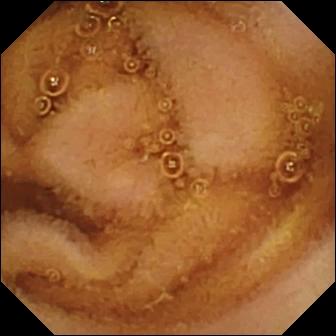Q: What does this wireless capsule endoscopy frame show?
A: Normal clean mucosa.